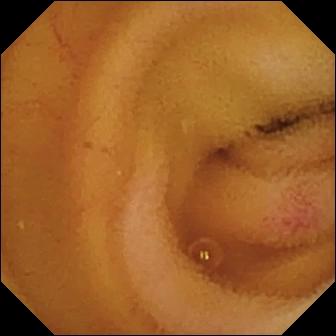WCE view
Label: angiectasia